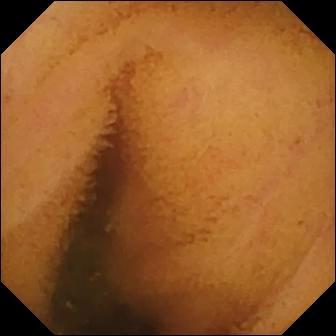PROCEDURE: Wireless capsule endoscopy.
SEGMENT: Small intestine.
FINDINGS: Normal clean mucosa.